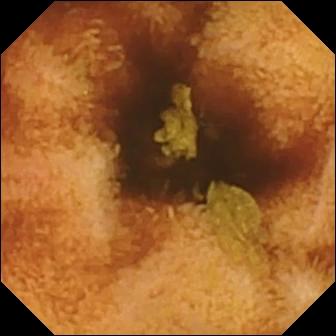Video capsule endoscopy frame, small bowel
Label: normal clean mucosa